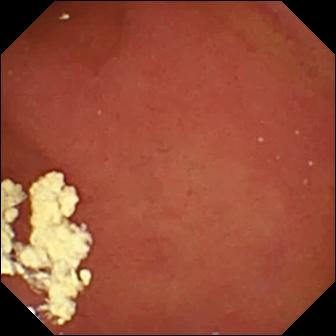WCE snapshot
Position: pylorus region (the junction between the stomach and the small bowel)